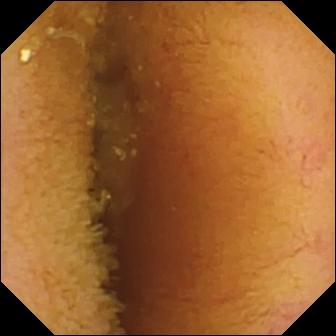Normal clean mucosa — wireless capsule endoscopy frame of the small bowel.